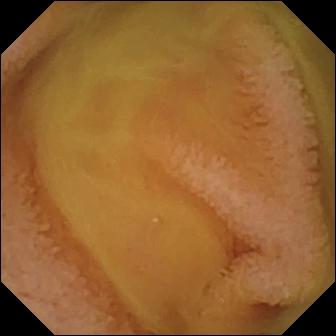VCE frame
Impression: normal clean mucosa